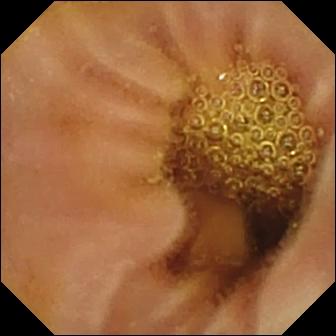- modality: video capsule endoscopy
- label: normal clean mucosa